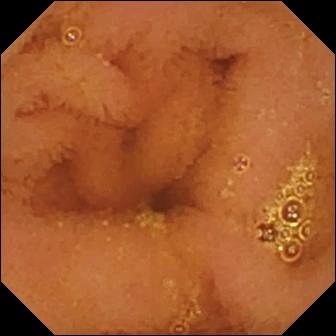Q: What does this VCE view of the small bowel show?
A: Normal clean mucosa.